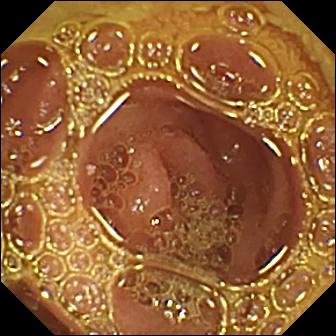Small-bowel capsule endoscopy image. Normal clean mucosa.